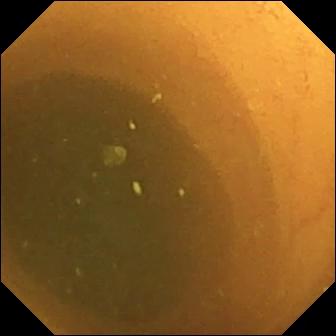VCE still, small bowel
Finding: normal clean mucosa